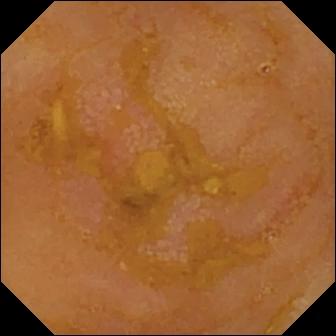WCE. Observation: reduced mucosal view (content or bubbles obscuring the mucosa).